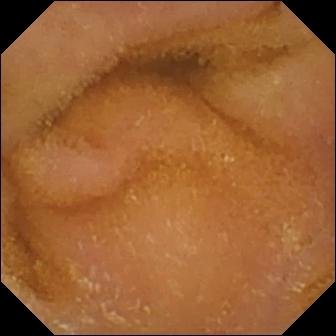VCE view
Observation: normal clean mucosa